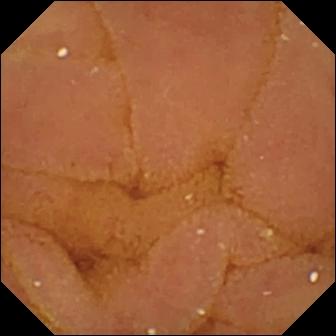Normal clean mucosa (336×336).